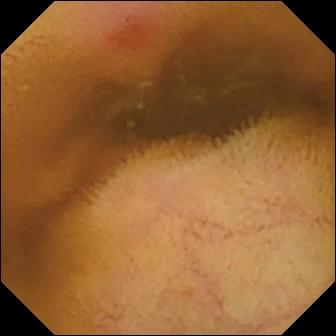Small-bowel capsule endoscopy view
Observation: erythema (mucosal redness)